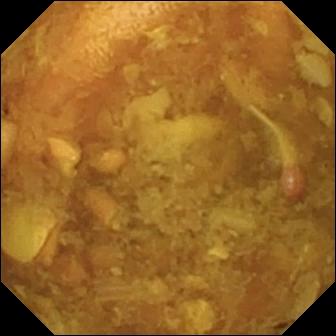Wireless capsule endoscopy frame, 336×336. Reduced mucosal view (content or bubbles obscuring the mucosa).